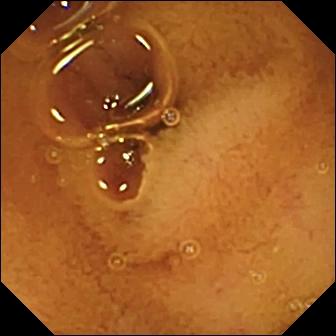Q: What does this video capsule endoscopy frame show?
A: Normal clean mucosa.